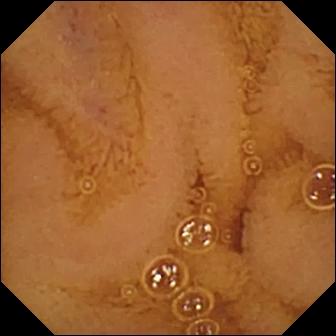modality: capsule endoscopy | finding: normal clean mucosa